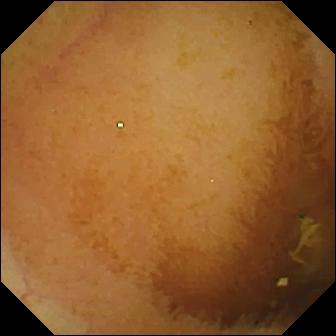- modality: small-bowel capsule endoscopy
- segment: small bowel
- impression: normal clean mucosa